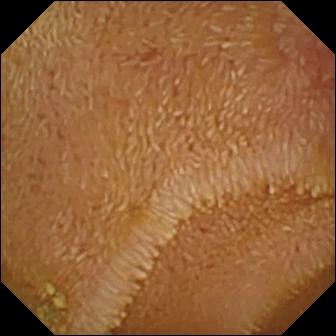{"modality": "wireless capsule endoscopy", "finding": "erosion"}